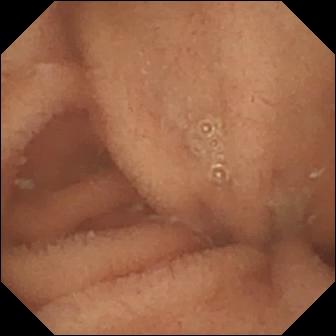VCE snapshot. Normal clean mucosa.